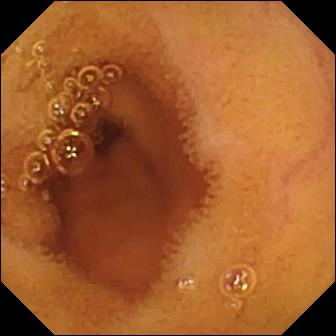Capsule endoscopy frame. Normal clean mucosa.